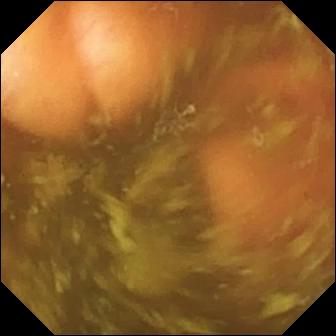Q: Where in the digestive tract was this capsule endoscopy image taken?
A: Ileo-cecal valve region.